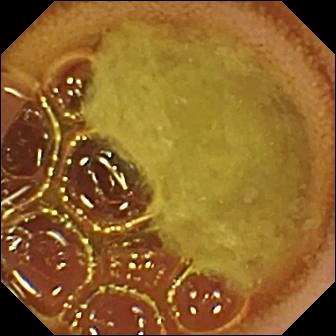PROCEDURE: Wireless capsule endoscopy.
SEGMENT: Small intestine.
FINDINGS: Normal clean mucosa.